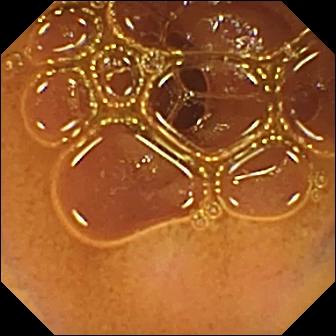Wireless capsule endoscopy — normal clean mucosa.